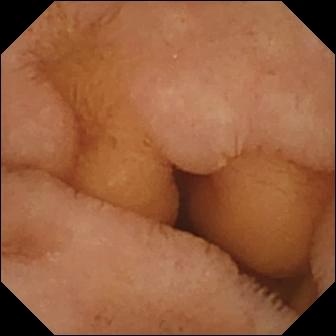WCE view of the small bowel showing normal clean mucosa.